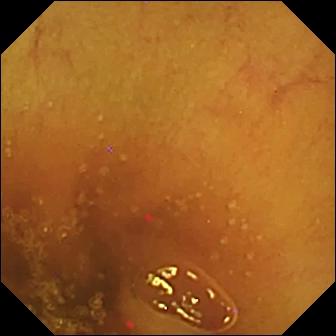{"modality": "wireless capsule endoscopy", "finding": "normal clean mucosa"}